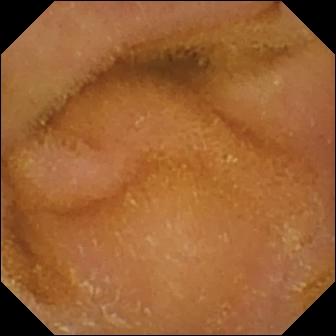Normal clean mucosa.